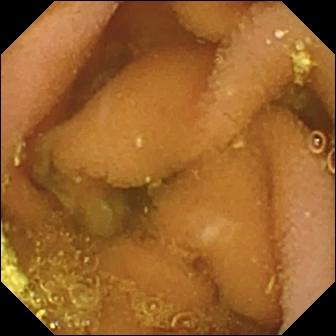Wireless capsule endoscopy snapshot
Observation: lymphangiectasia